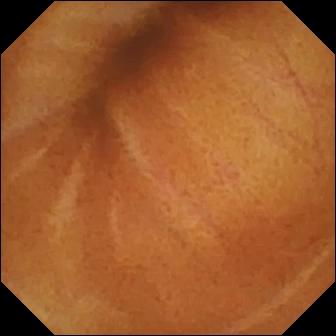Capsule endoscopy frame (small bowel), 336×336. Normal clean mucosa.